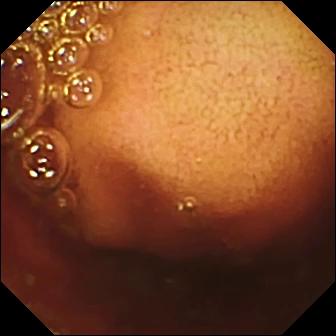This wireless capsule endoscopy snapshot was taken in the ileo-cecal valve region (where the capsule passes from the small bowel into the large bowel).